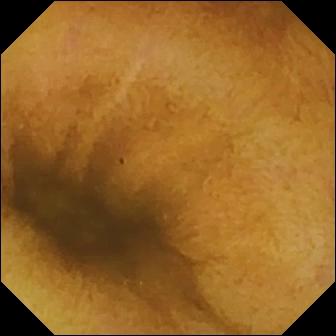Video capsule endoscopy still. Normal clean mucosa.